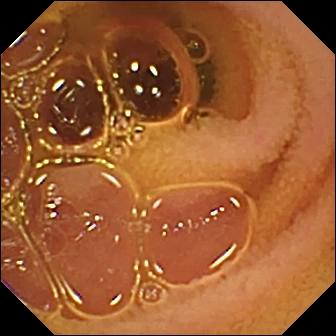modality: capsule endoscopy | category: luminal finding | observation: normal clean mucosa